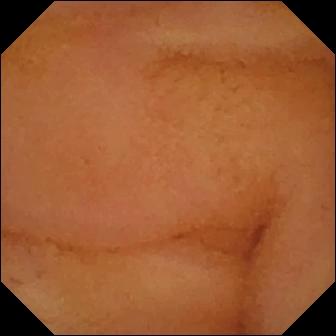PROCEDURE: Wireless capsule endoscopy.
SEGMENT: Small intestine.
FINDINGS: Normal clean mucosa.